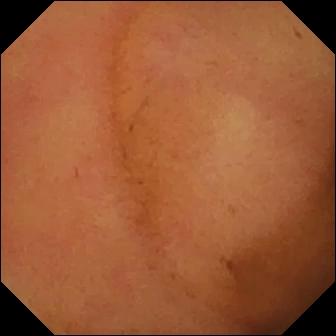Normal clean mucosa — VCE snapshot.